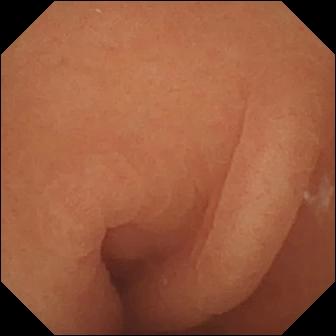- modality: wireless capsule endoscopy
- label: normal clean mucosa